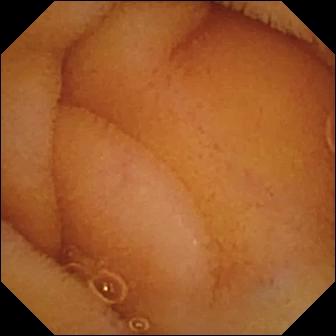modality: VCE | label: normal clean mucosa